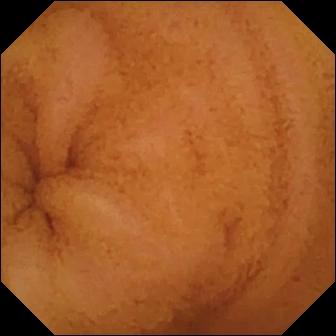VCE still
Observation: normal clean mucosa